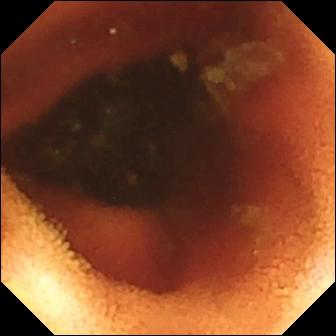VCE snapshot. Taken in the ileo-cecal valve region (the transition from the small bowel to the large bowel).